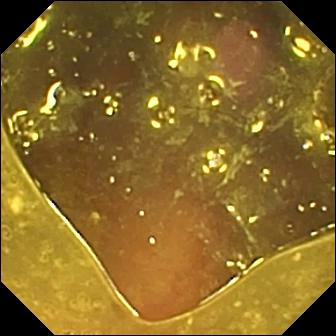- modality: VCE
- category: luminal finding
- finding: reduced mucosal view (content or bubbles obscuring the mucosa)